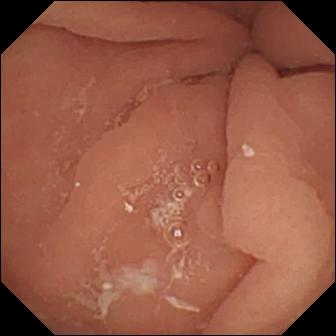modality: video capsule endoscopy; category: anatomical landmark; location: pylorus region (the junction between the stomach and the small bowel)